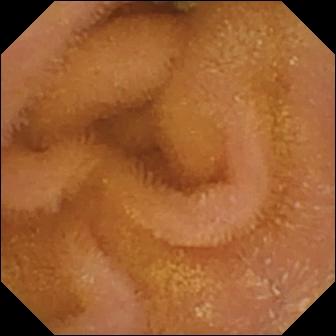This wireless capsule endoscopy still shows normal clean mucosa.